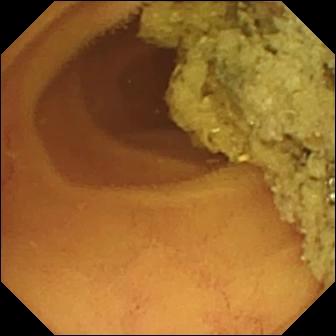Normal clean mucosa.